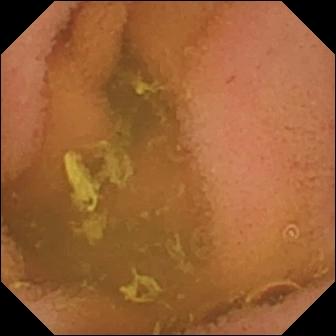{"modality": "wireless capsule endoscopy", "segment": "small intestine", "finding": "normal clean mucosa"}